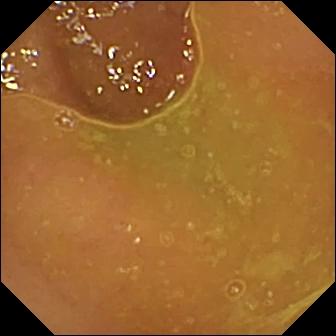PROCEDURE: Small-bowel capsule endoscopy.
FINDINGS: Normal clean mucosa.